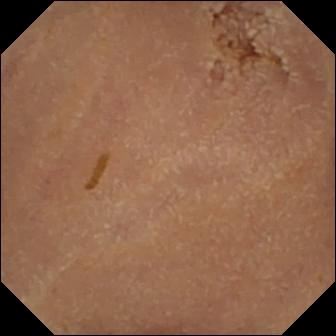Normal clean mucosa.